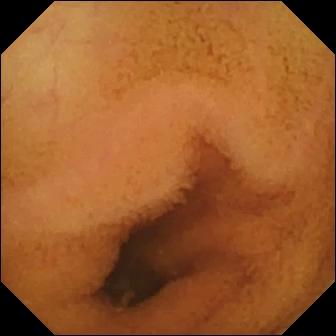This wireless capsule endoscopy snapshot of the small bowel shows normal clean mucosa.